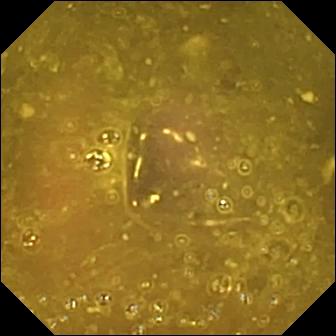PROCEDURE: WCE.
FINDINGS: Reduced mucosal view (content or bubbles obscuring the mucosa).